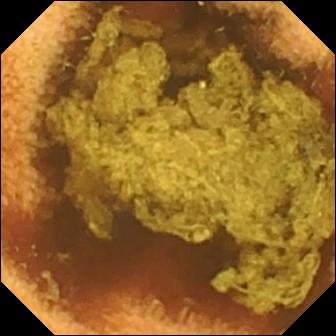{"modality": "small-bowel capsule endoscopy", "segment": "small bowel", "finding": "normal clean mucosa"}